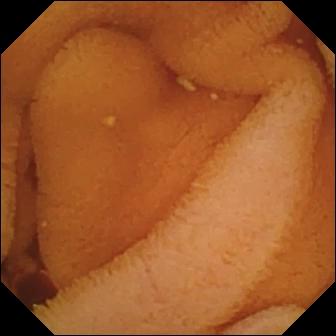PROCEDURE: Video capsule endoscopy.
FINDINGS: Normal clean mucosa.